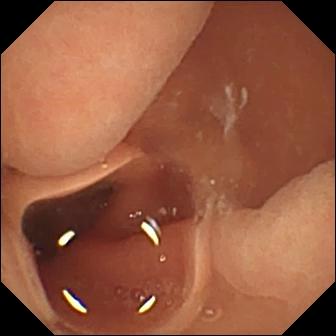This small-bowel capsule endoscopy frame shows normal clean mucosa.